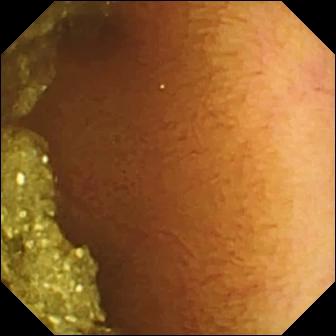WCE snapshot, small intestine
Finding: normal clean mucosa